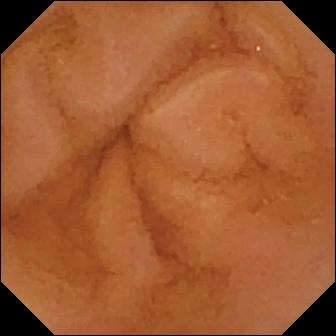PROCEDURE: Video capsule endoscopy.
SEGMENT: Small intestine.
FINDINGS: Normal clean mucosa.